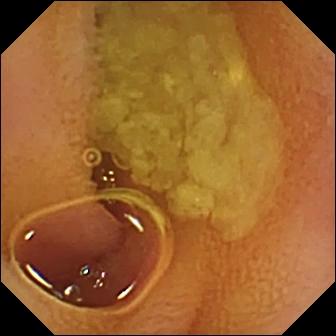PROCEDURE: VCE.
FINDINGS: Normal clean mucosa.